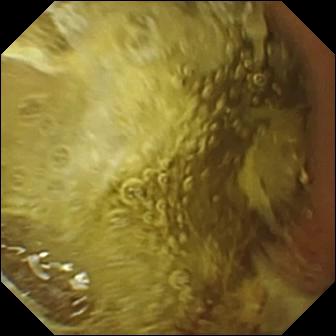PROCEDURE: Wireless capsule endoscopy.
SEGMENT: Small bowel.
FINDINGS: Normal clean mucosa.